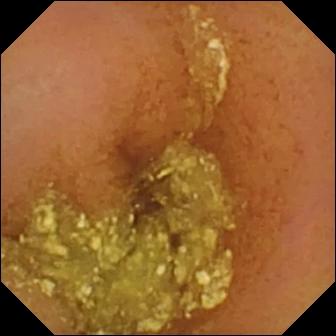modality: video capsule endoscopy
category: luminal finding
finding: normal clean mucosa